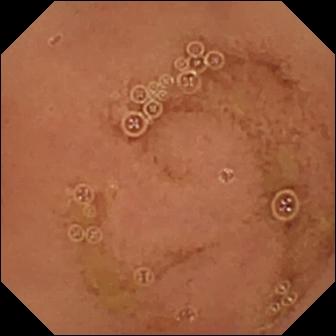- modality: VCE
- category: luminal finding
- finding: normal clean mucosa